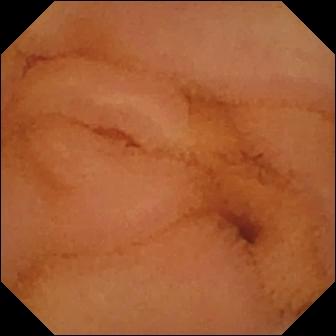Q: What does this WCE image show?
A: Normal clean mucosa.